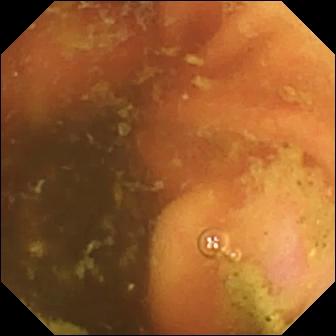This video capsule endoscopy still was taken in the ileo-cecal valve region.